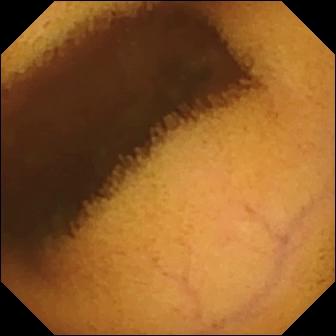This video capsule endoscopy still of the small intestine shows normal clean mucosa.